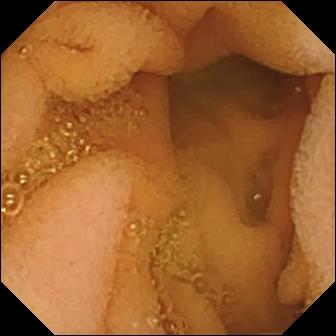Capsule endoscopy frame, small intestine
Observation: normal clean mucosa